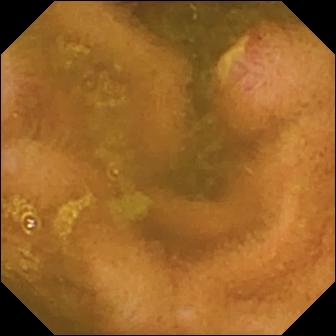Ulcer — WCE still.